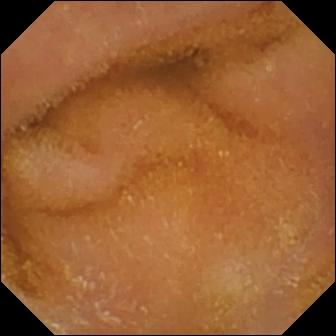Small-bowel capsule endoscopy. Small bowel. Observation: normal clean mucosa.